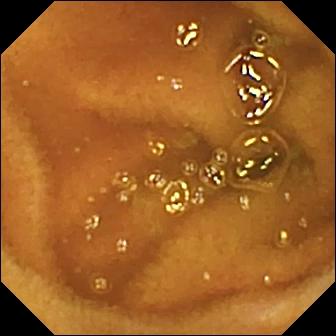- modality: WCE
- finding: normal clean mucosa